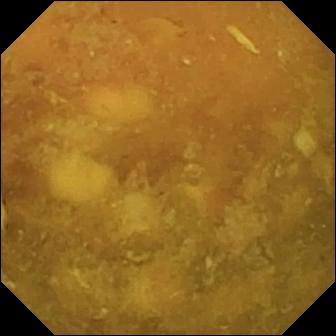Small-bowel capsule endoscopy — reduced mucosal view (content or bubbles obscuring the mucosa).